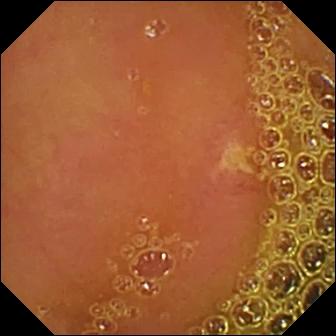{"modality": "capsule endoscopy", "finding": "ulcer"}